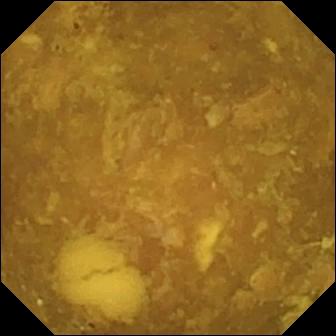{"modality": "VCE", "segment": "small bowel", "category": "luminal finding", "finding": "reduced mucosal view (content or bubbles obscuring the mucosa)"}